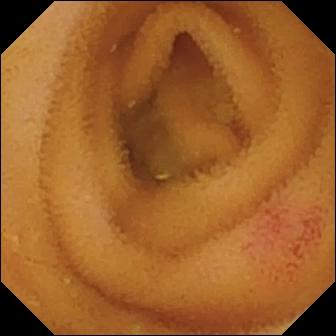{"modality": "VCE", "finding": "angiectasia"}